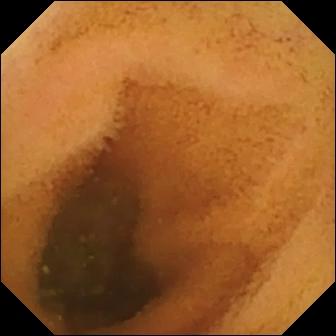Q: What does this capsule endoscopy still show?
A: Normal clean mucosa.